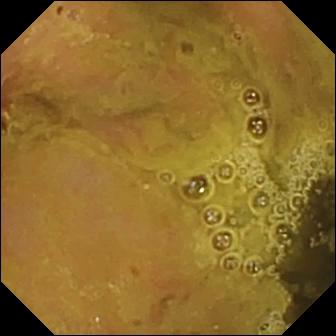VCE view taken in the ileo-cecal valve region.